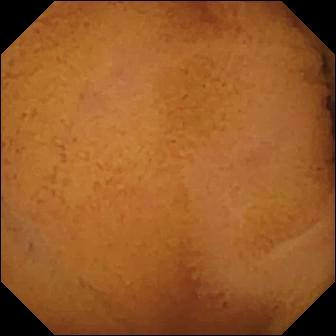{"modality": "small-bowel capsule endoscopy", "finding": "normal clean mucosa"}